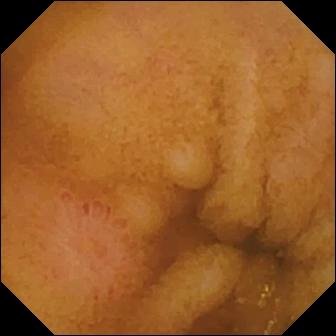Wireless capsule endoscopy — erosion.